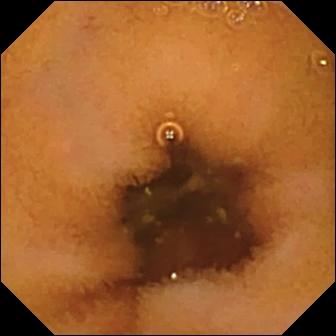Small-bowel capsule endoscopy snapshot
Observation: normal clean mucosa